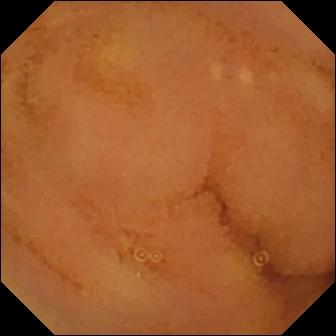This capsule endoscopy still shows normal clean mucosa.